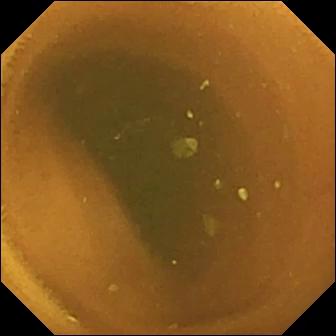Small-bowel capsule endoscopy image
Observation: normal clean mucosa